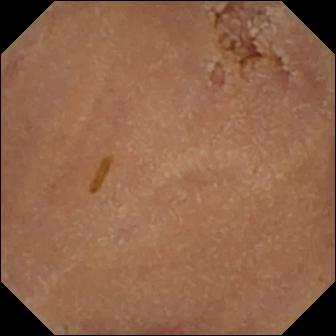- modality: WCE
- label: normal clean mucosa